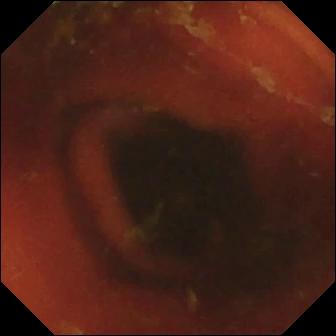This VCE image was taken in the ileo-cecal valve region (the transition from the small bowel to the large bowel).